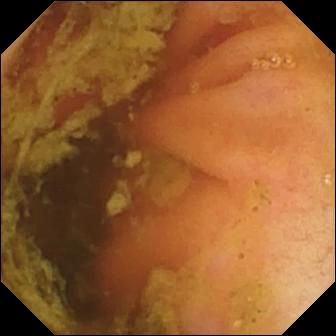Video capsule endoscopy. Near an anatomical landmark. Location: ileo-cecal valve region (where the capsule passes from the small bowel into the large bowel).